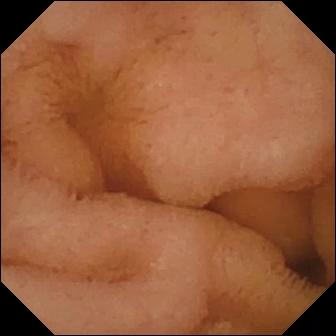This video capsule endoscopy still shows normal clean mucosa.